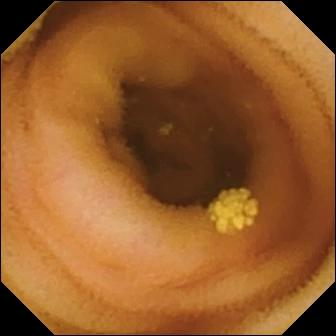- modality: wireless capsule endoscopy
- finding: lymphangiectasia